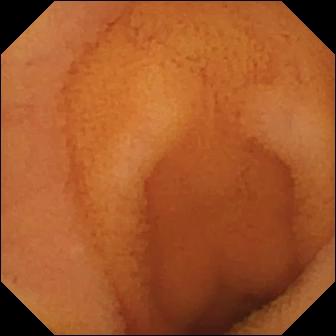This capsule endoscopy view shows normal clean mucosa.